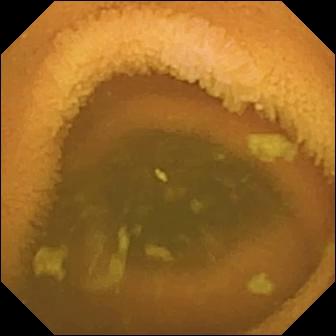PROCEDURE: Video capsule endoscopy.
SEGMENT: Small intestine.
FINDINGS: Normal clean mucosa.